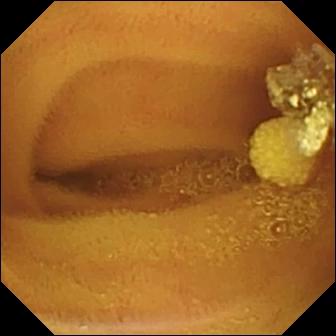Wireless capsule endoscopy. Luminal finding. Finding: lymphangiectasia.